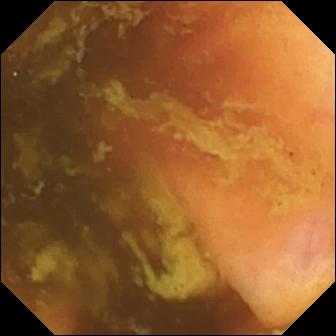{"modality": "small-bowel capsule endoscopy", "location": "ileo-cecal valve region (the transition from the small bowel to the large bowel)"}